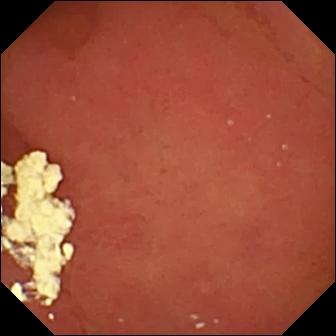modality: VCE | video segment: pylorus region (where the capsule passes from the stomach into the small bowel)